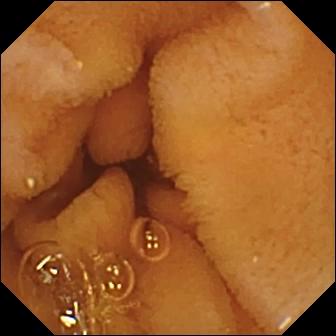Normal clean mucosa.